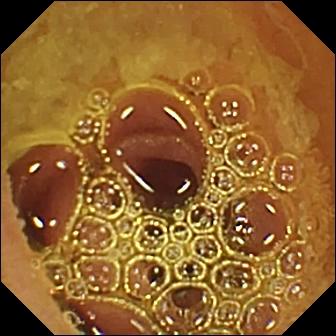Capsule endoscopy frame of the small intestine showing normal clean mucosa.